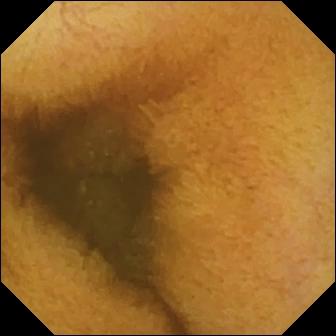Normal clean mucosa.